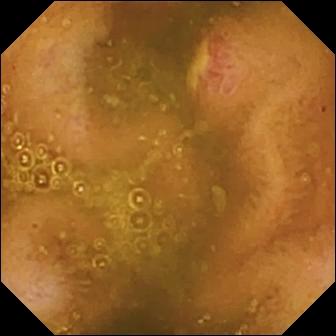WCE — ulcer.